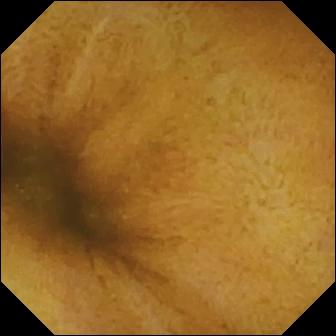- modality: small-bowel capsule endoscopy
- segment: small bowel
- finding: normal clean mucosa